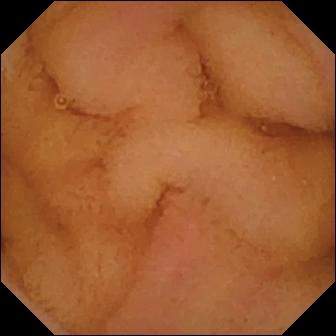WCE frame showing normal clean mucosa.